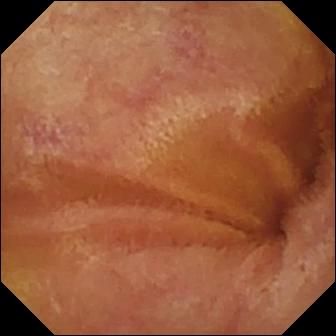Video capsule endoscopy snapshot. Normal clean mucosa.